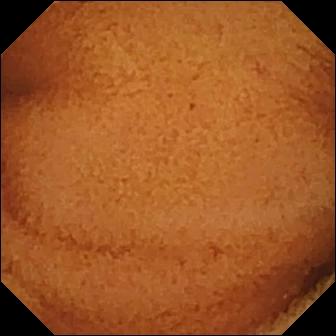Small-bowel capsule endoscopy — normal clean mucosa.